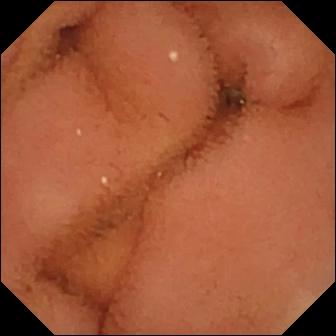This wireless capsule endoscopy still of the small intestine shows normal clean mucosa.